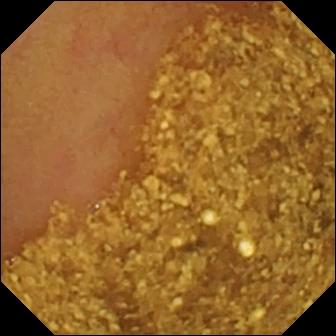Video capsule endoscopy view
Location: ileo-cecal valve region (where the capsule passes from the small bowel into the large bowel)